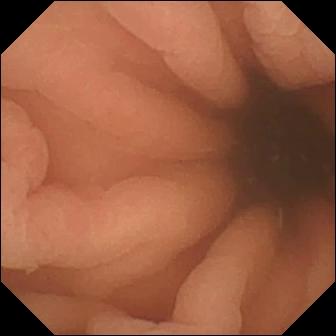PROCEDURE: VCE.
LABEL: Pylorus region.